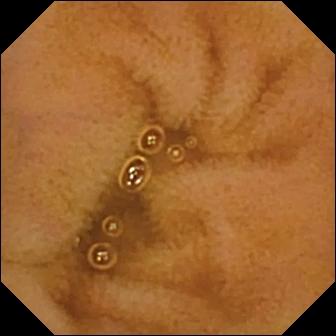Video capsule endoscopy. Luminal finding. Observation: normal clean mucosa.